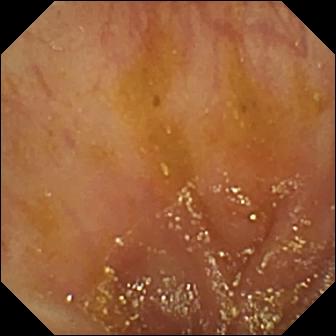Ileo-cecal valve region (the transition from the small bowel to the large bowel), 336×336.